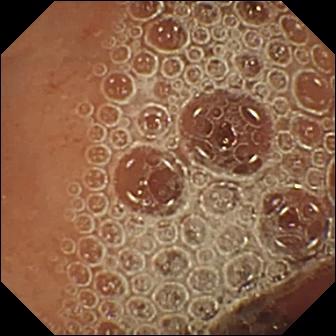modality: WCE
category: luminal finding
impression: normal clean mucosa